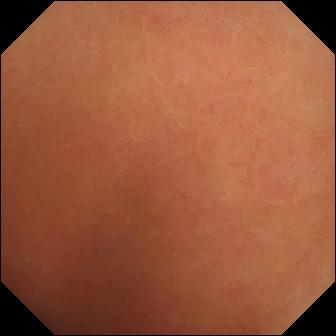{"modality": "small-bowel capsule endoscopy", "finding": "normal clean mucosa"}